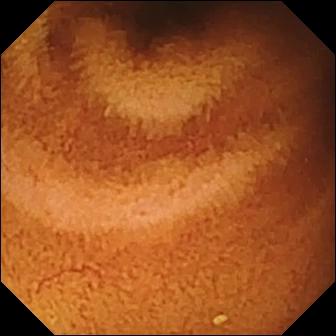PROCEDURE: Small-bowel capsule endoscopy.
SEGMENT: Small bowel.
FINDINGS: Normal clean mucosa.